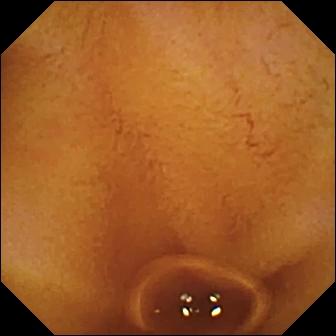Normal clean mucosa.